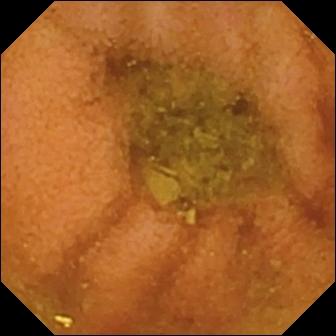Wireless capsule endoscopy — normal clean mucosa.